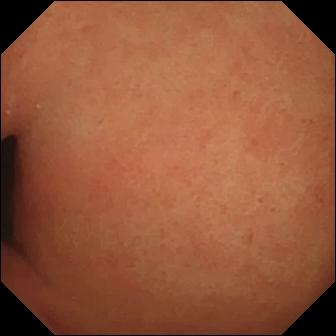modality: capsule endoscopy | category: anatomical landmark | position: pylorus region (where the capsule passes from the stomach into the small bowel)